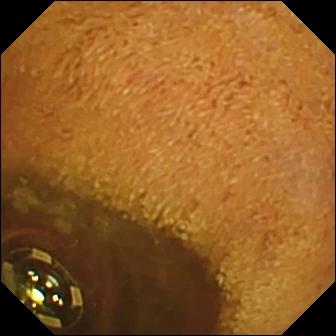Q: What does this WCE view show?
A: Foreign body (e.g. retained capsule, tablet residue).